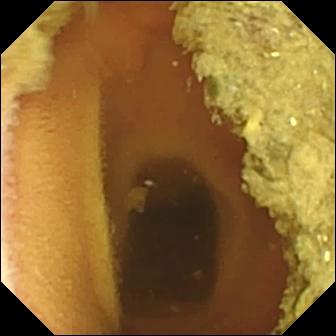Normal clean mucosa.